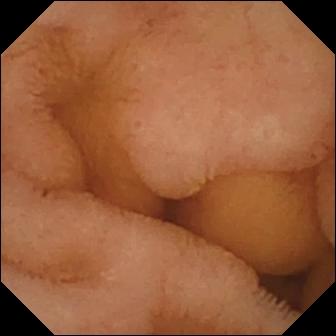Wireless capsule endoscopy frame, small bowel
Observation: normal clean mucosa